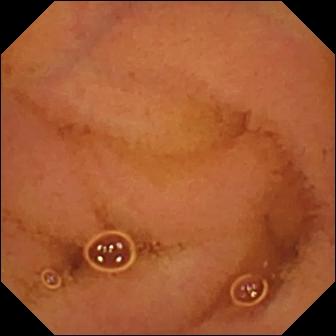modality: video capsule endoscopy; segment: small bowel; category: luminal finding; observation: normal clean mucosa